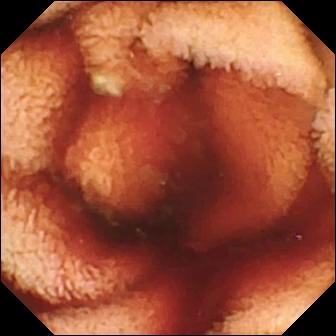This VCE frame shows fresh blood in the lumen.